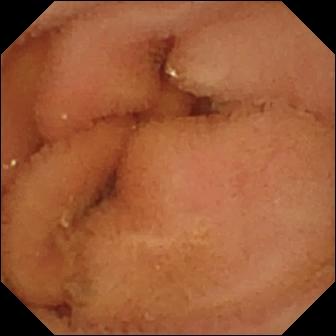Normal clean mucosa — video capsule endoscopy view of the small intestine.